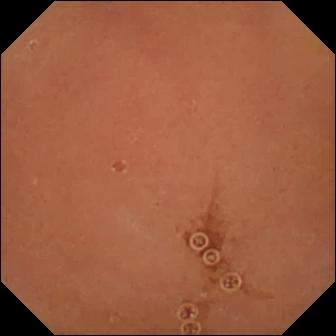Wireless capsule endoscopy — normal clean mucosa.